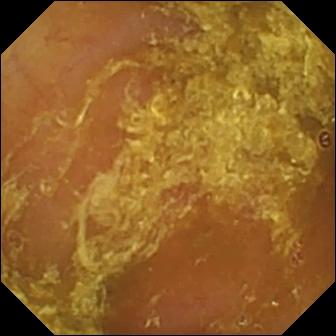- modality: video capsule endoscopy
- segment: small bowel
- observation: reduced mucosal view (content or bubbles obscuring the mucosa)